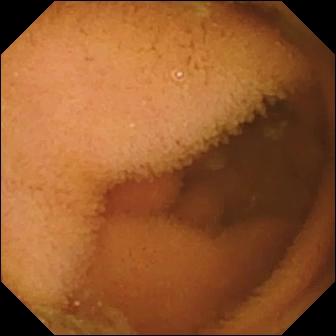Wireless capsule endoscopy. Impression: normal clean mucosa.